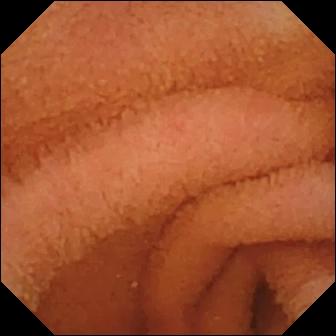Small-bowel capsule endoscopy. Impression: normal clean mucosa.